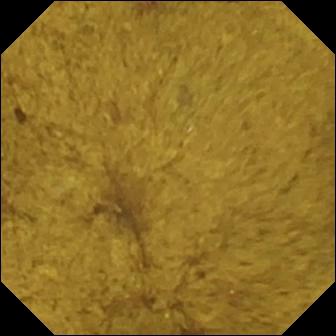- modality: VCE
- video segment: ileo-cecal valve region (the transition from the small bowel to the large bowel)